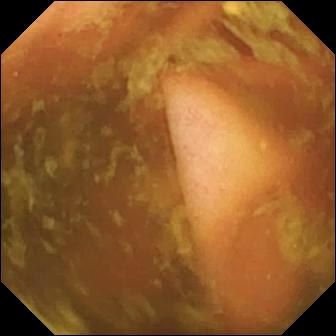This VCE view was taken in the ileo-cecal valve region (the transition from the small bowel to the large bowel).